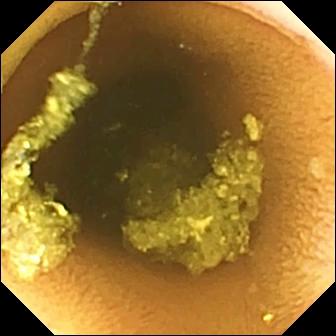modality: video capsule endoscopy | finding: normal clean mucosa